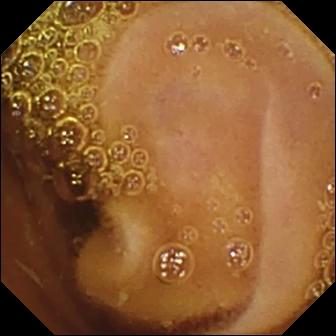Normal clean mucosa — capsule endoscopy image of the small intestine.